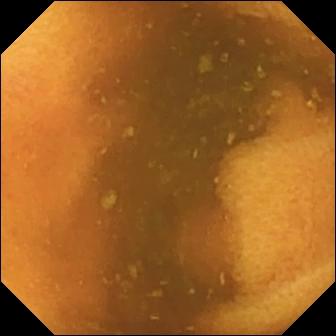VCE — normal clean mucosa.